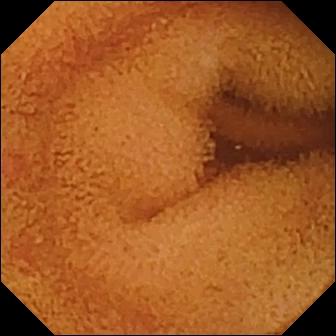VCE image
Finding: normal clean mucosa